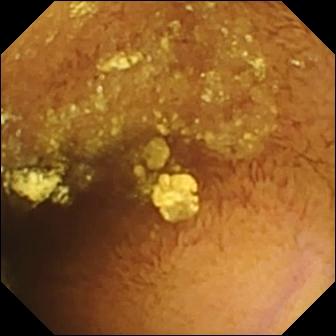modality: capsule endoscopy
segment: small intestine
category: luminal finding
impression: normal clean mucosa